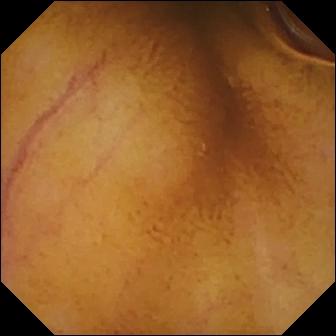WCE image of the small bowel showing normal clean mucosa.